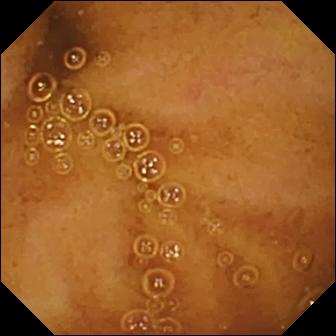VCE still, small bowel
Impression: normal clean mucosa